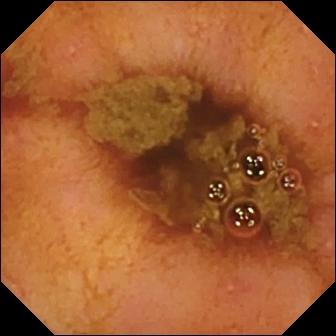This small-bowel capsule endoscopy snapshot was taken in the ileo-cecal valve region (the transition from the small bowel to the large bowel).